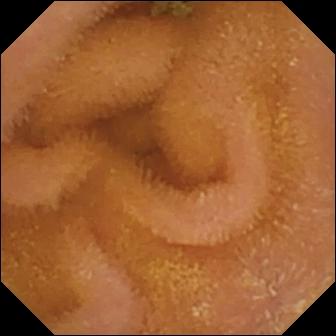WCE. Luminal finding. Observation: normal clean mucosa.